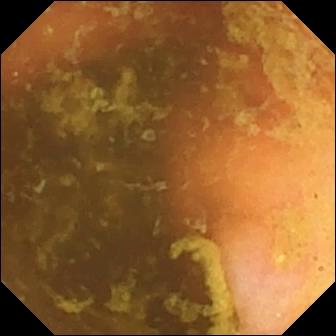Wireless capsule endoscopy. Label: ileo-cecal valve region.